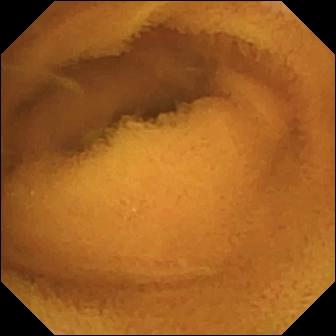Wireless capsule endoscopy frame (small bowel). Normal clean mucosa.